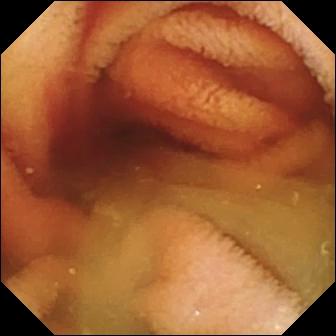PROCEDURE: VCE.
FINDINGS: Fresh blood in the lumen.